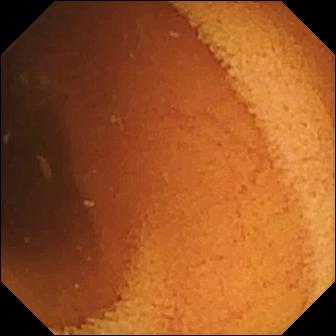Normal clean mucosa — wireless capsule endoscopy view of the small bowel.